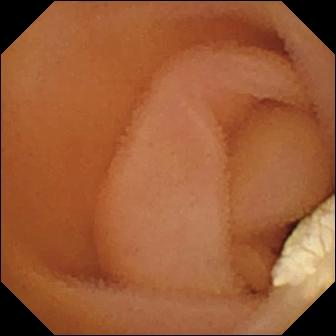PROCEDURE: Capsule endoscopy.
FINDINGS: Lymphangiectasia.